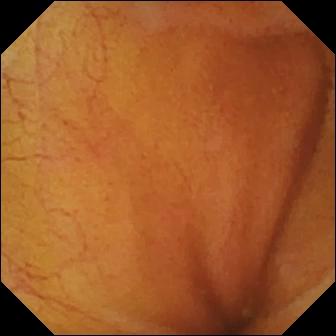Ileo-cecal valve region (where the capsule passes from the small bowel into the large bowel), 336×336.